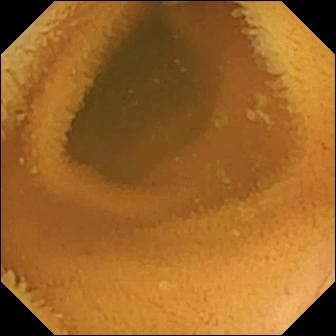WCE. Small intestine. Luminal finding. Impression: normal clean mucosa.